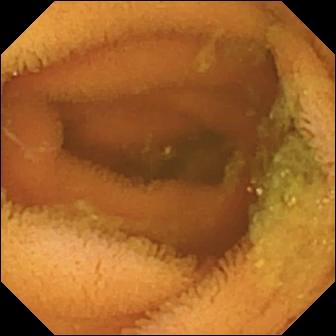Normal clean mucosa.